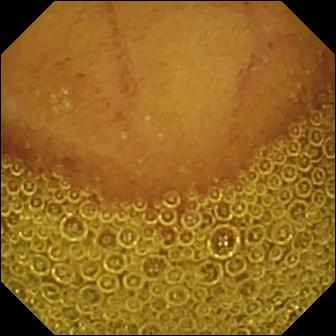{"modality": "wireless capsule endoscopy", "segment": "small intestine", "finding": "normal clean mucosa"}